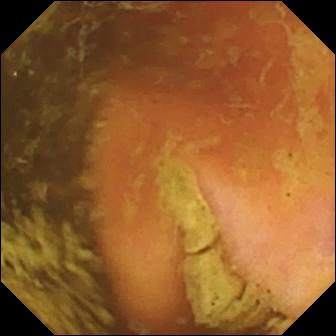Q: Where in the digestive tract was this VCE frame taken?
A: Ileo-cecal valve region.